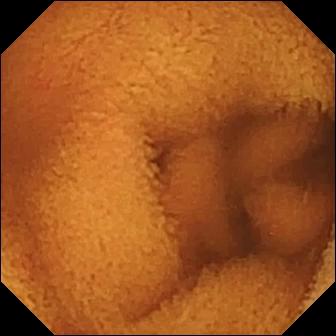This wireless capsule endoscopy frame of the small intestine shows normal clean mucosa.